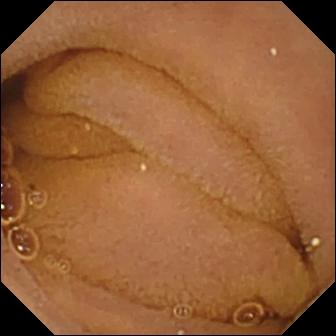modality: wireless capsule endoscopy; category: luminal finding; label: normal clean mucosa